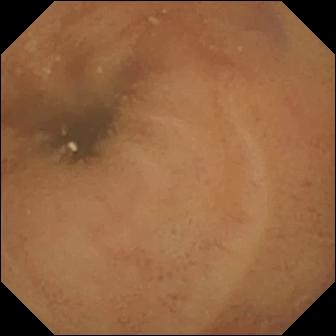VCE snapshot showing normal clean mucosa.